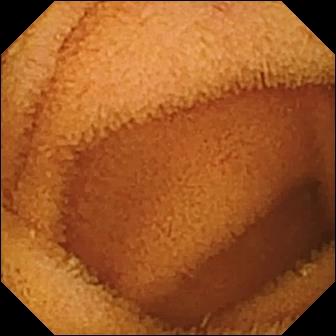- modality: video capsule endoscopy
- impression: normal clean mucosa